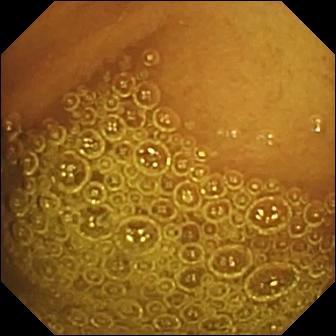Video capsule endoscopy — normal clean mucosa.